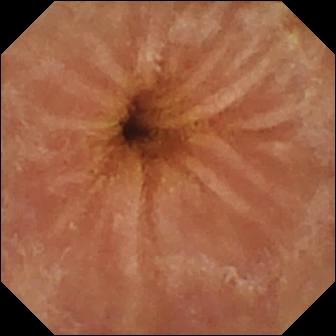WCE — normal clean mucosa.